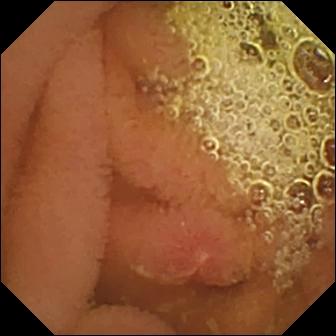- modality: wireless capsule endoscopy
- category: luminal finding
- label: erosion